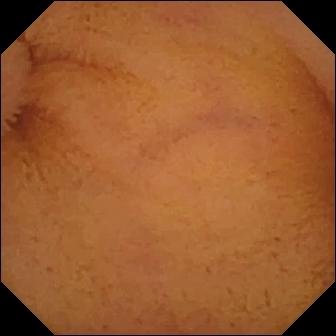Q: What does this small-bowel capsule endoscopy image show?
A: Normal clean mucosa.